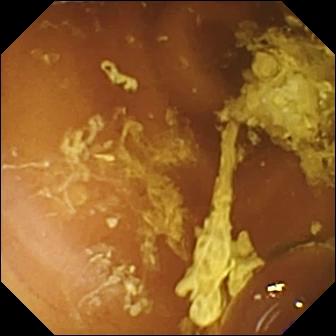Normal clean mucosa — small-bowel capsule endoscopy snapshot.